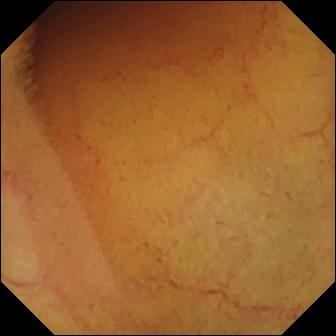Video capsule endoscopy snapshot
Observation: normal clean mucosa